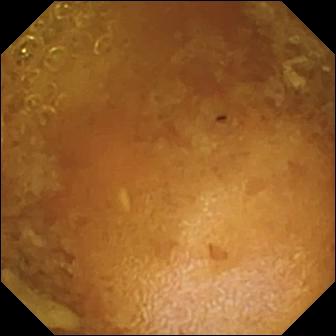WCE — reduced mucosal view (content or bubbles obscuring the mucosa).